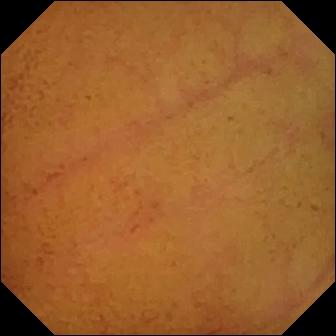Normal clean mucosa.